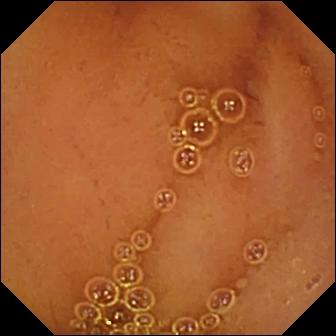{"modality": "small-bowel capsule endoscopy", "finding": "normal clean mucosa"}